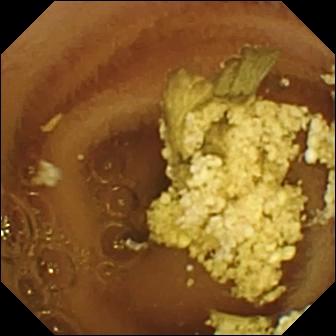modality: WCE | segment: small intestine | observation: normal clean mucosa